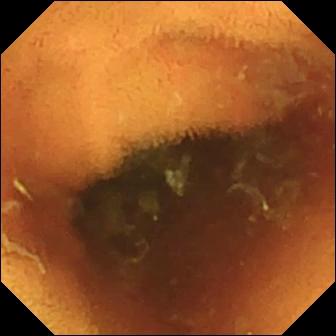Normal clean mucosa.